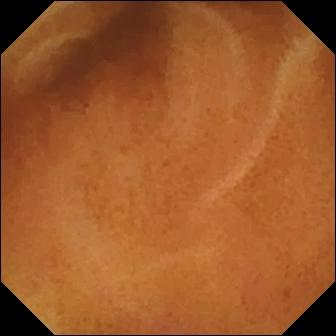VCE — normal clean mucosa.